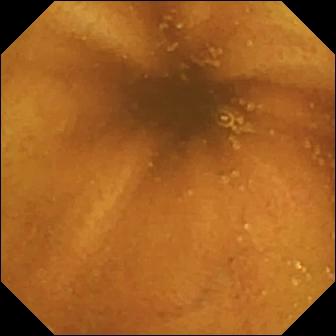- modality: capsule endoscopy
- label: normal clean mucosa